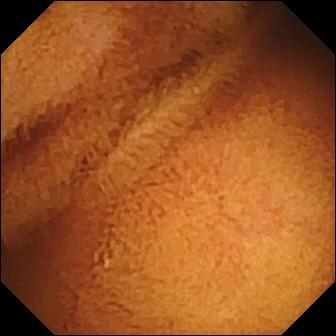VCE frame (small intestine), 336×336. Normal clean mucosa.